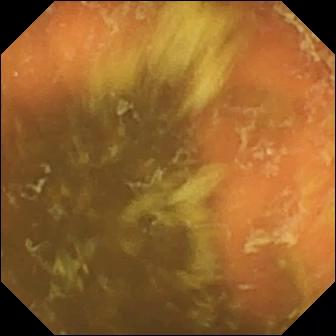Ileo-cecal valve region (where the capsule passes from the small bowel into the large bowel).